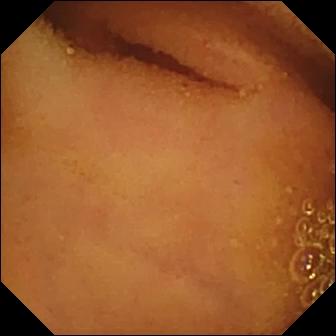VCE. Small bowel. Luminal finding. Finding: normal clean mucosa.